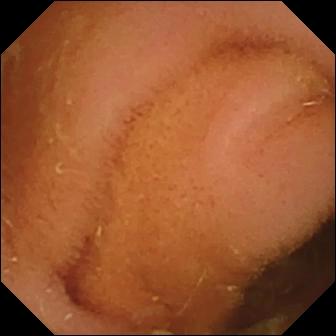WCE. Label: normal clean mucosa.